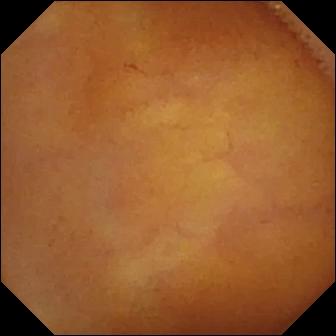Normal clean mucosa.